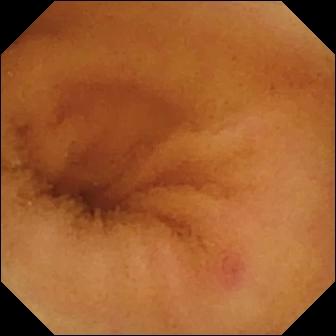modality: small-bowel capsule endoscopy
finding: angiectasia